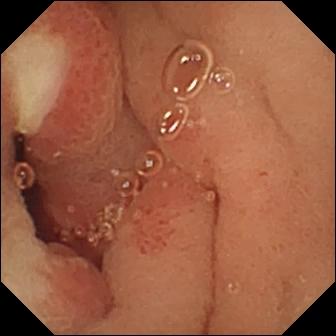This video capsule endoscopy snapshot shows ulcer.